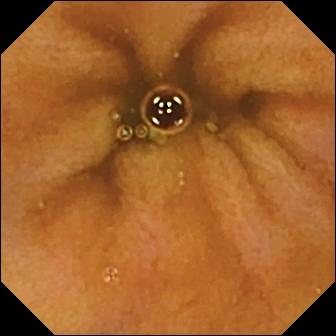WCE — normal clean mucosa.